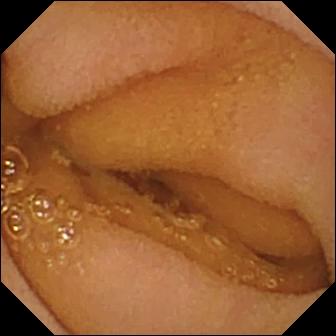VCE still. Normal clean mucosa.